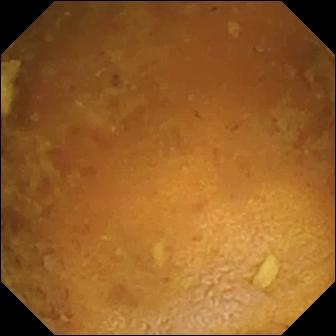PROCEDURE: Capsule endoscopy.
FINDINGS: Reduced mucosal view (content or bubbles obscuring the mucosa).